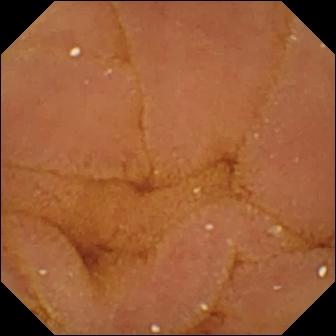Normal clean mucosa — VCE image.